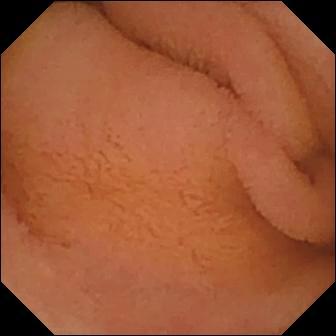Video capsule endoscopy — normal clean mucosa.